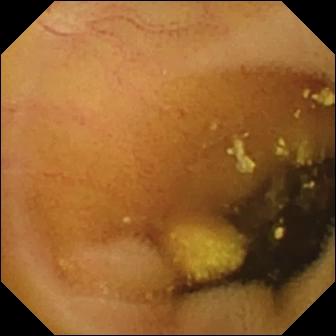This small-bowel capsule endoscopy snapshot shows lymphangiectasia.